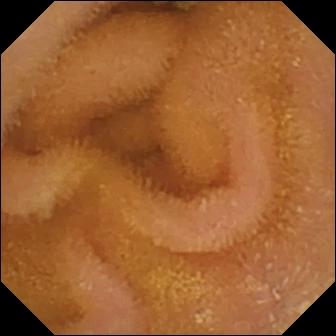{"modality": "VCE", "segment": "small intestine", "category": "luminal finding", "finding": "normal clean mucosa"}